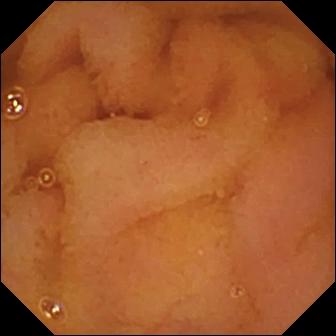Q: What does this small-bowel capsule endoscopy image show?
A: Normal clean mucosa.